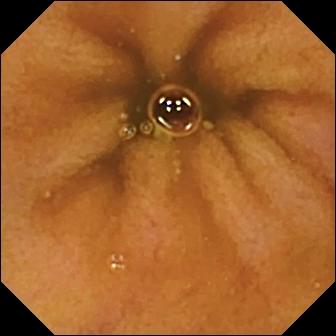modality: VCE | segment: small intestine | label: normal clean mucosa